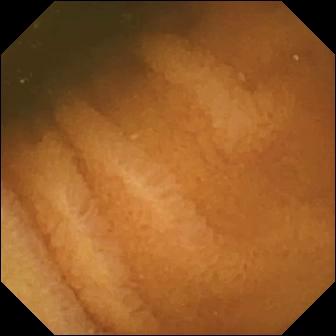Normal clean mucosa — capsule endoscopy still of the small bowel.